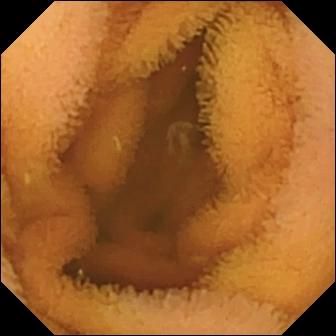This wireless capsule endoscopy snapshot of the small intestine shows normal clean mucosa.